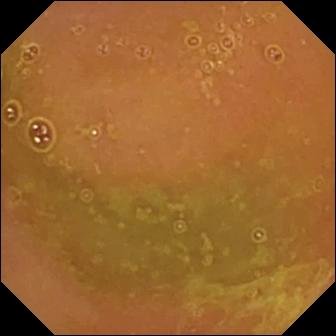Q: What does this WCE image show?
A: Normal clean mucosa.